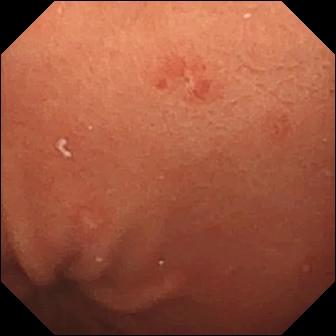Small-bowel capsule endoscopy view
Label: erosion